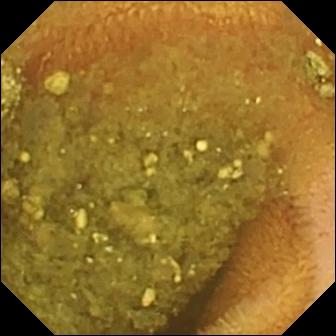Reduced mucosal view (content or bubbles obscuring the mucosa).